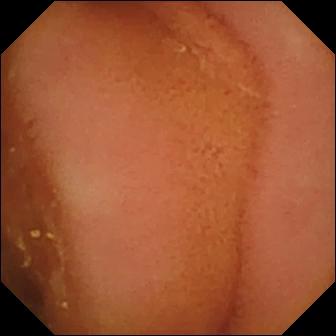Capsule endoscopy — normal clean mucosa.